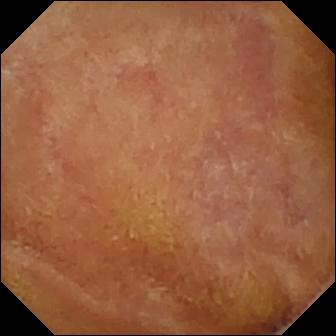Q: What does this VCE view show?
A: Normal clean mucosa.